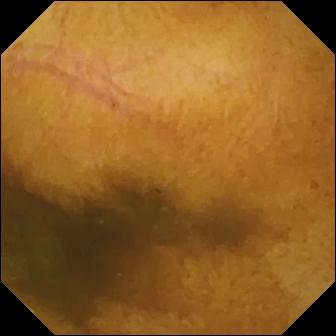{"modality": "VCE", "category": "luminal finding", "finding": "normal clean mucosa"}